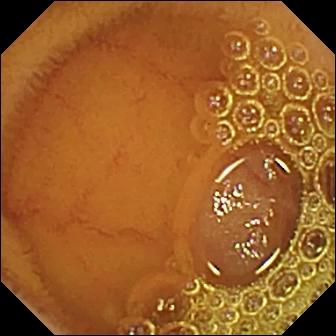Normal clean mucosa (336×336).